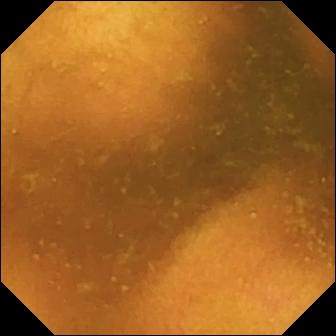This small-bowel capsule endoscopy image of the small bowel shows normal clean mucosa.